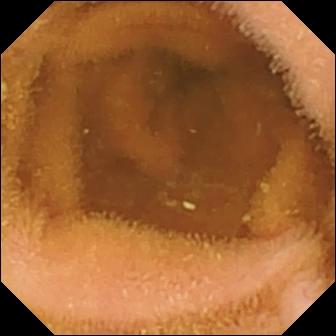Wireless capsule endoscopy snapshot (small bowel). Normal clean mucosa.